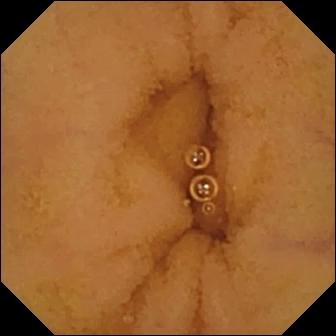{"modality": "wireless capsule endoscopy", "finding": "normal clean mucosa"}